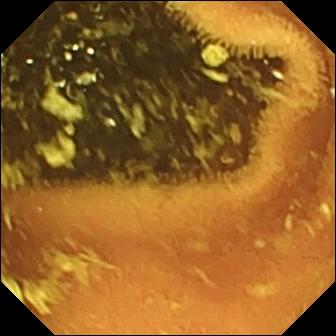Wireless capsule endoscopy snapshot, small bowel
Finding: normal clean mucosa